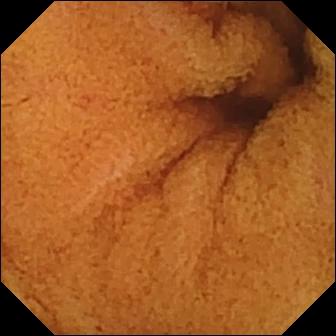VCE still, small intestine
Label: normal clean mucosa